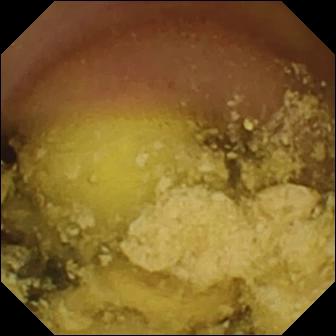modality: small-bowel capsule endoscopy | finding: foreign body (e.g. retained capsule, tablet residue)